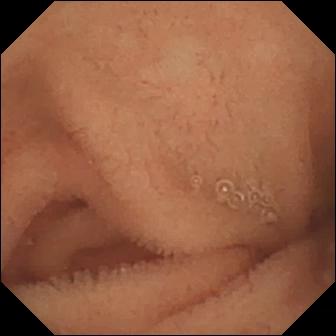{"modality": "wireless capsule endoscopy", "finding": "normal clean mucosa"}